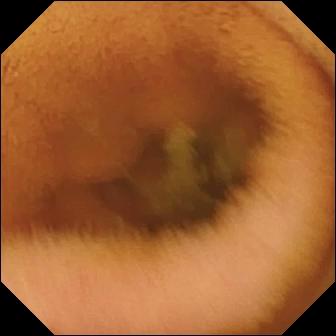PROCEDURE: Wireless capsule endoscopy.
SEGMENT: Small bowel.
FINDINGS: Normal clean mucosa.